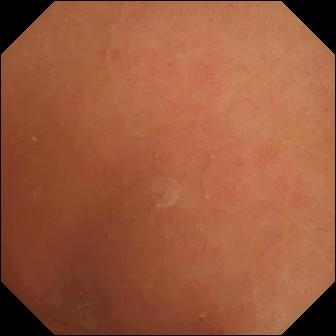PROCEDURE: Capsule endoscopy.
FINDINGS: Normal clean mucosa.